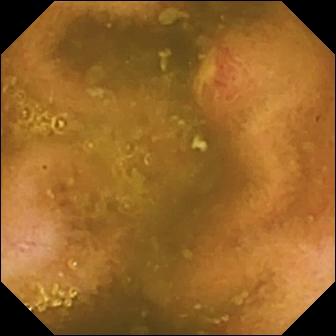Video capsule endoscopy. Label: ulcer.